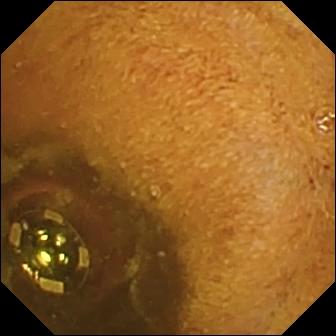- modality: small-bowel capsule endoscopy
- observation: foreign body (e.g. retained capsule, tablet residue)